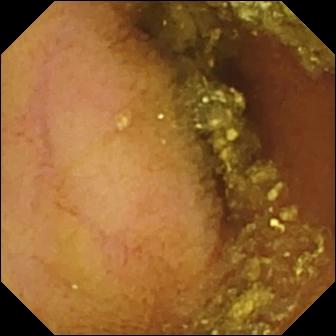WCE still, small bowel
Label: normal clean mucosa